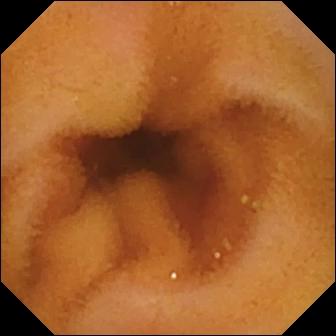PROCEDURE: WCE.
FINDINGS: Normal clean mucosa.